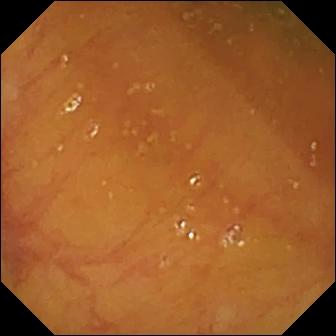WCE. Near an anatomical landmark. Label: ileo-cecal valve region (where the capsule passes from the small bowel into the large bowel).